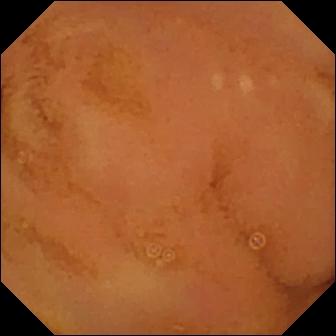Small-bowel capsule endoscopy view, small bowel
Label: normal clean mucosa